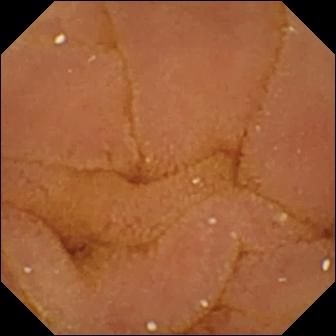{"modality": "VCE", "category": "luminal finding", "finding": "normal clean mucosa"}